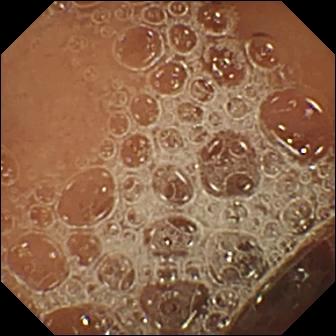- modality: WCE
- finding: normal clean mucosa